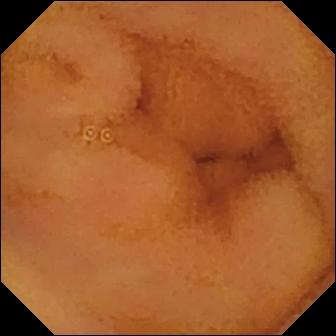Capsule endoscopy. Luminal finding. Observation: normal clean mucosa.